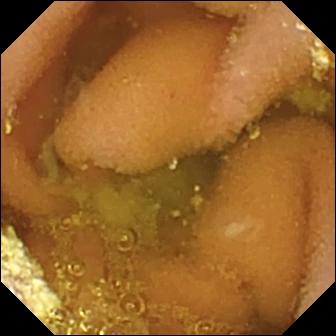modality: capsule endoscopy
category: luminal finding
observation: lymphangiectasia